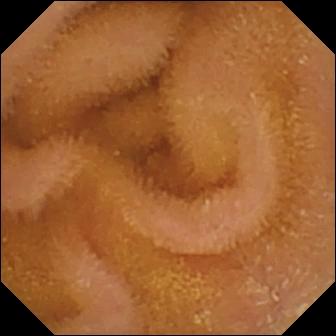Q: What does this WCE image of the small bowel show?
A: Normal clean mucosa.